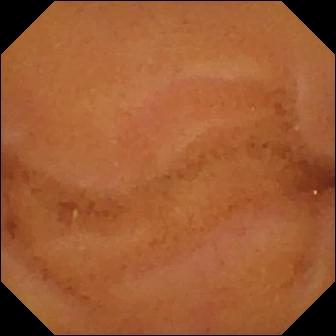Normal clean mucosa (336×336).